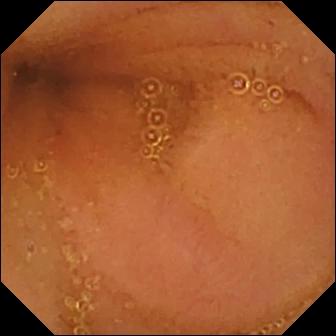modality: VCE; segment: small bowel; finding: normal clean mucosa